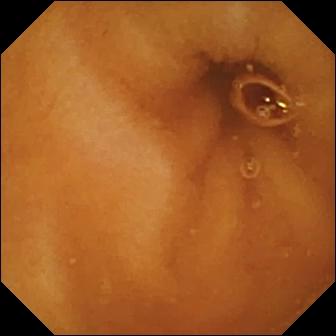- modality: WCE
- segment: small intestine
- label: normal clean mucosa